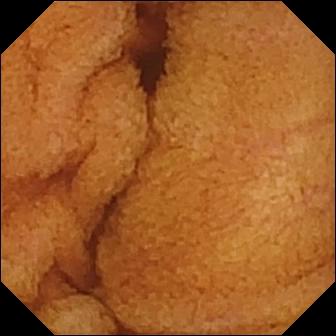PROCEDURE: Capsule endoscopy.
FINDINGS: Normal clean mucosa.